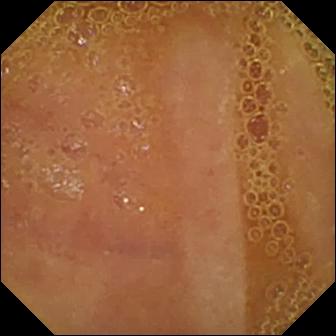Normal clean mucosa (336×336).